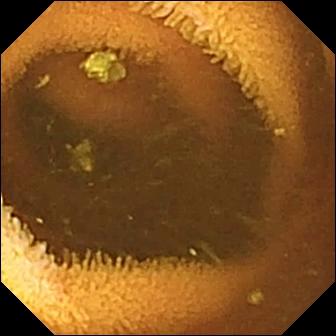Capsule endoscopy still of the small intestine showing normal clean mucosa.